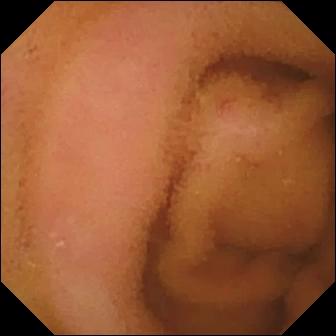modality: capsule endoscopy
segment: small bowel
category: luminal finding
impression: normal clean mucosa